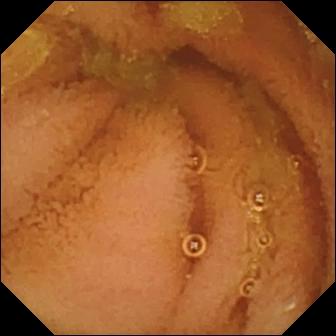Capsule endoscopy view. Normal clean mucosa.